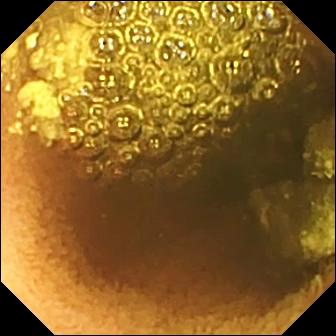Reduced mucosal view (content or bubbles obscuring the mucosa) — WCE still.